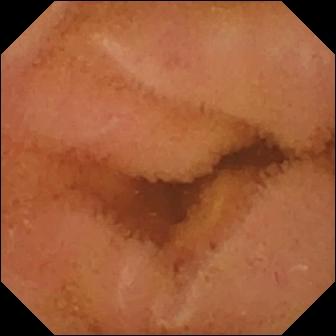PROCEDURE: Video capsule endoscopy.
SEGMENT: Small bowel.
FINDINGS: Normal clean mucosa.